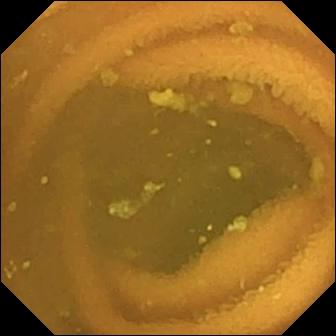- modality: small-bowel capsule endoscopy
- category: luminal finding
- impression: normal clean mucosa